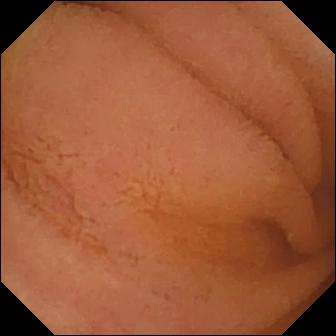WCE snapshot, small intestine
Impression: normal clean mucosa